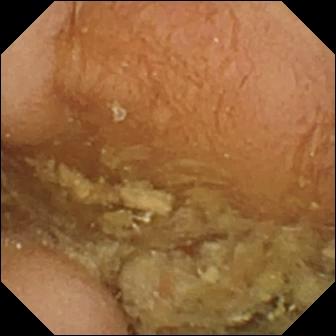Video capsule endoscopy. Position: pylorus region (where the capsule passes from the stomach into the small bowel).